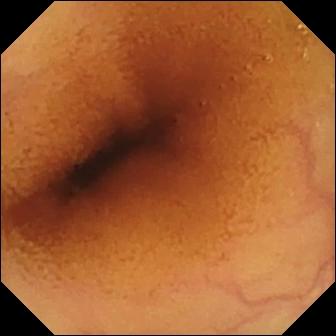VCE frame (small intestine), 336×336. Normal clean mucosa.